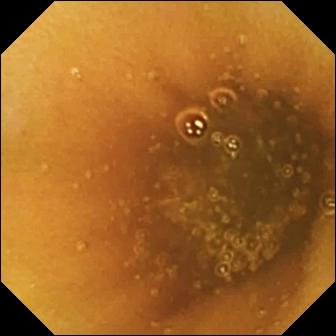This wireless capsule endoscopy view of the small intestine shows normal clean mucosa.